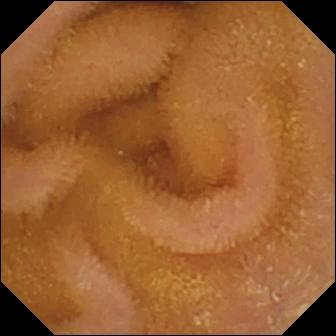modality: wireless capsule endoscopy; segment: small intestine; impression: normal clean mucosa